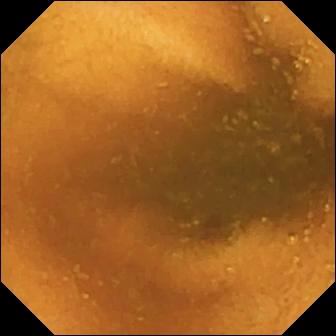PROCEDURE: Wireless capsule endoscopy.
SEGMENT: Small bowel.
FINDINGS: Normal clean mucosa.